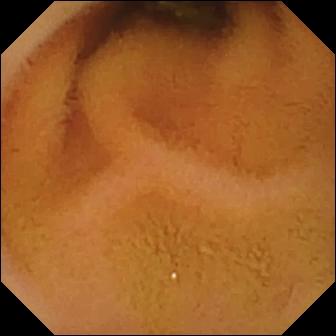modality: capsule endoscopy
category: luminal finding
finding: normal clean mucosa